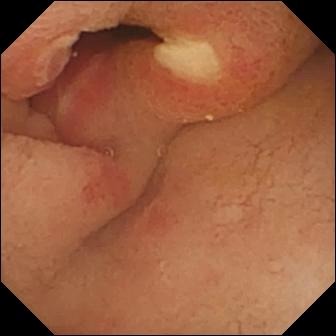Video capsule endoscopy snapshot, 336×336. Ulcer.